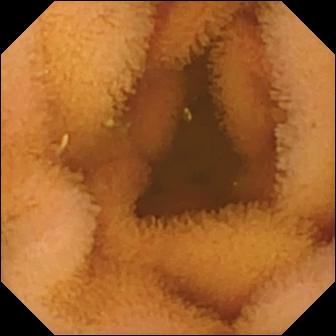This video capsule endoscopy view shows normal clean mucosa.